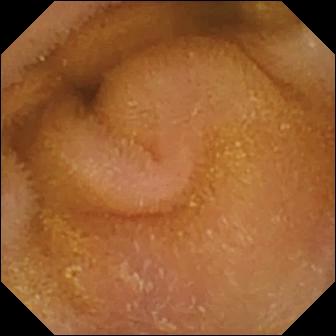modality: wireless capsule endoscopy
segment: small intestine
label: normal clean mucosa